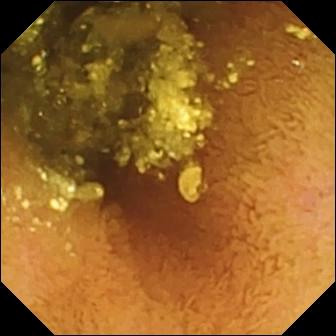Normal clean mucosa (336×336).